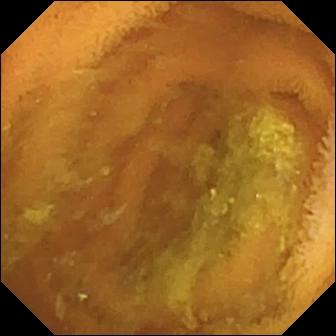PROCEDURE: VCE.
SEGMENT: Small intestine.
FINDINGS: Normal clean mucosa.